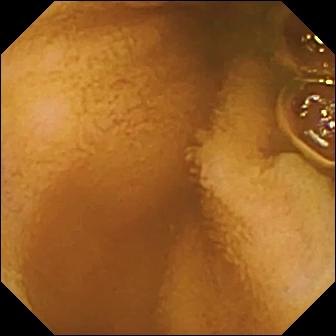PROCEDURE: Wireless capsule endoscopy.
FINDINGS: Normal clean mucosa.